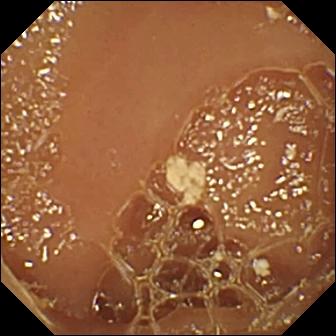Normal clean mucosa — VCE still of the small bowel.